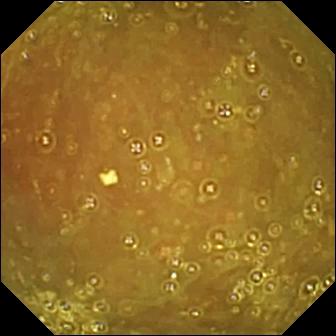- modality: VCE
- category: anatomical landmark
- location: ileo-cecal valve region (where the capsule passes from the small bowel into the large bowel)